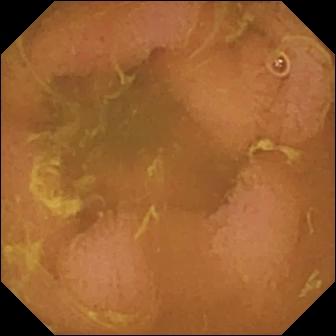VCE — normal clean mucosa.